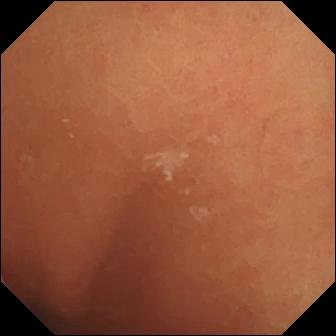WCE still. Normal clean mucosa.